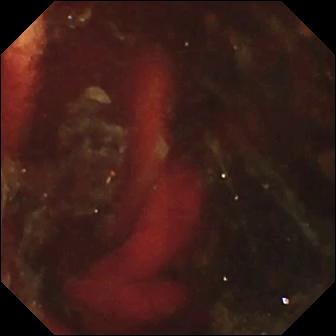PROCEDURE: VCE.
FINDINGS: Fresh blood in the lumen.